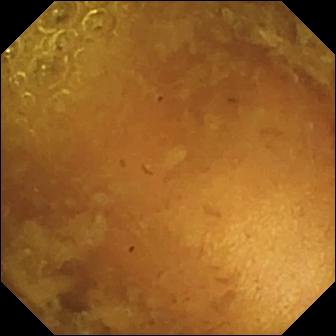modality: video capsule endoscopy | segment: small bowel | category: luminal finding | impression: reduced mucosal view (content or bubbles obscuring the mucosa)